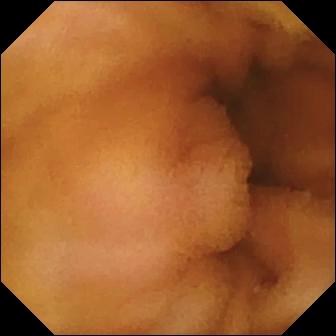{"modality": "wireless capsule endoscopy", "finding": "normal clean mucosa"}